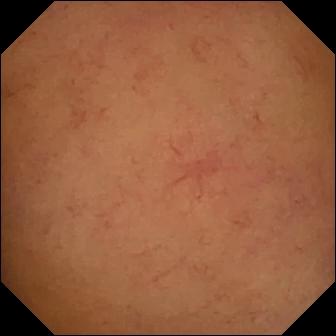{"modality": "capsule endoscopy", "finding": "normal clean mucosa"}